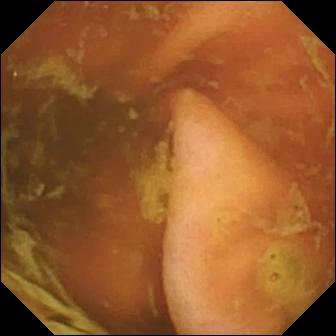PROCEDURE: Video capsule endoscopy.
LABEL: Ileo-cecal valve region.